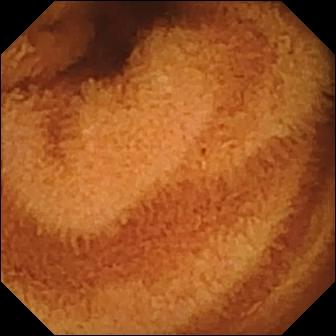Small-bowel capsule endoscopy. Small bowel. Observation: normal clean mucosa.